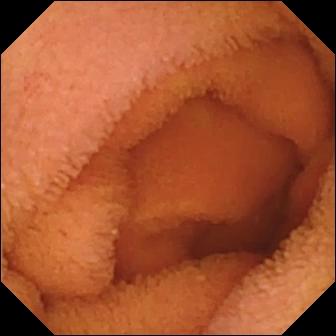Q: What does this small-bowel capsule endoscopy still show?
A: Normal clean mucosa.